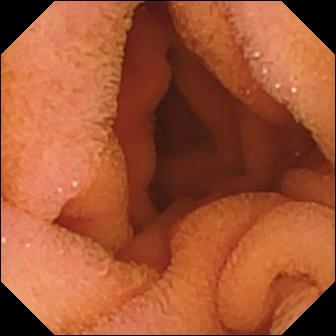Normal clean mucosa — capsule endoscopy frame of the small intestine.